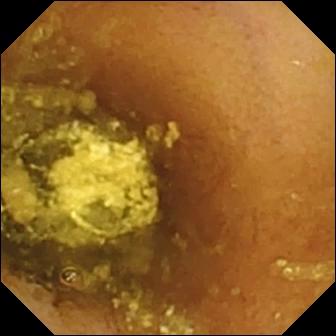Q: What does this small-bowel capsule endoscopy frame of the small intestine show?
A: Normal clean mucosa.